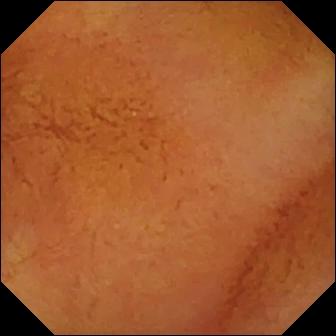WCE image, 336×336. Normal clean mucosa.